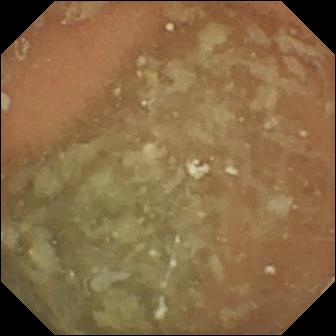- modality: video capsule endoscopy
- segment: small bowel
- label: normal clean mucosa